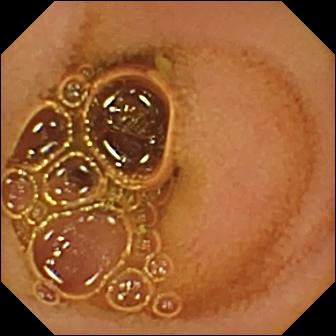{"modality": "WCE", "segment": "small intestine", "finding": "normal clean mucosa"}